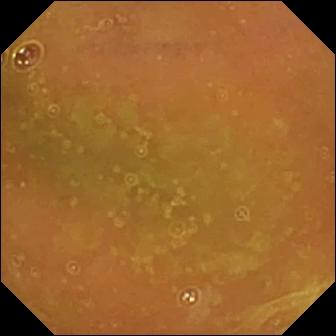WCE. Small bowel. Observation: normal clean mucosa.